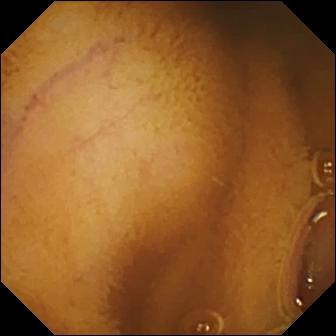WCE snapshot
Finding: normal clean mucosa